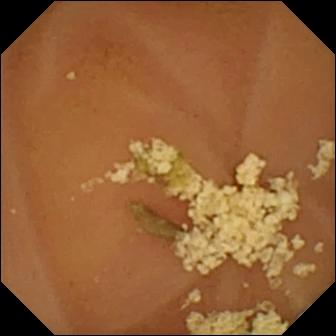WCE frame, small intestine
Label: normal clean mucosa